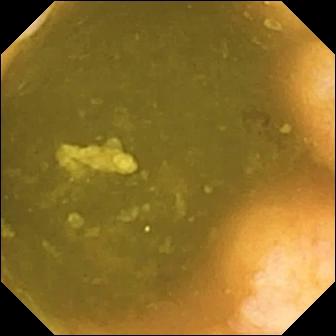Ileo-cecal valve region (the transition from the small bowel to the large bowel).